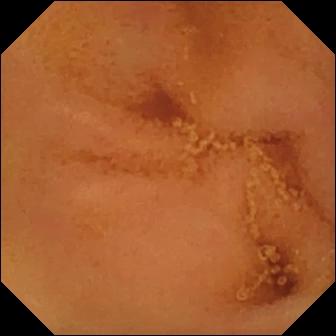Capsule endoscopy. Observation: normal clean mucosa.